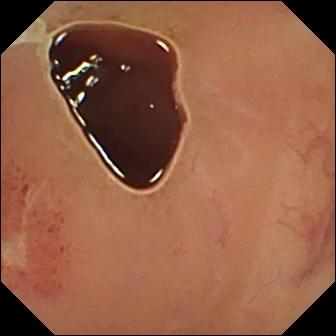VCE view. Ulcer.